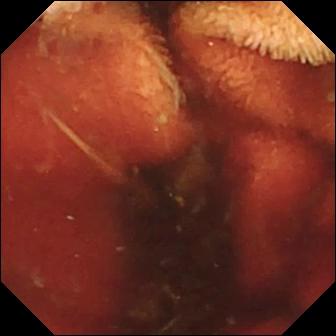Video capsule endoscopy image
Label: fresh blood in the lumen